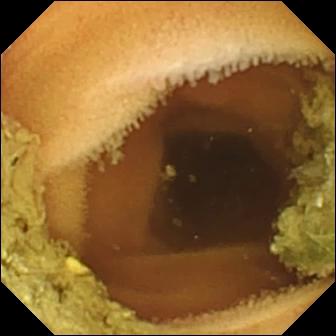Capsule endoscopy. Finding: normal clean mucosa.